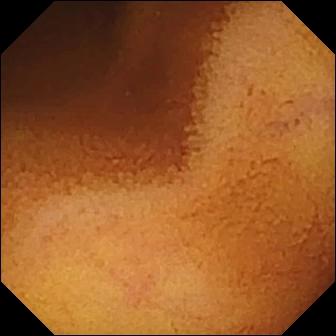Video capsule endoscopy. Label: normal clean mucosa.